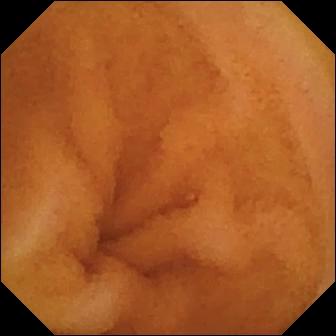modality: wireless capsule endoscopy; impression: normal clean mucosa